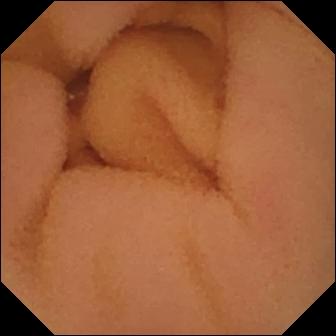modality: WCE
category: luminal finding
label: normal clean mucosa